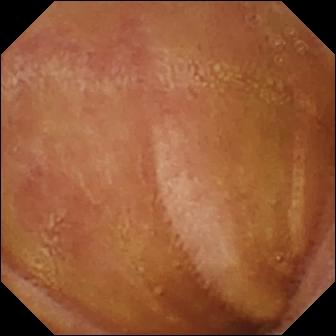WCE — normal clean mucosa.